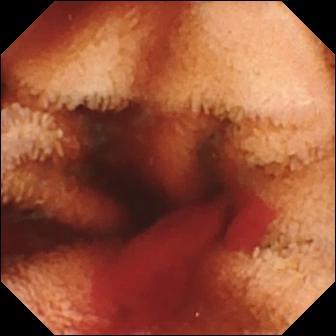WCE — fresh blood in the lumen.